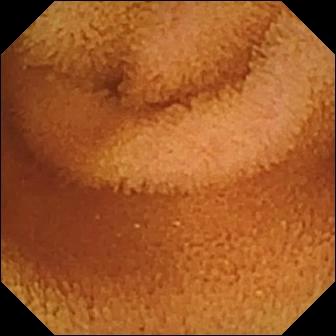Video capsule endoscopy still showing normal clean mucosa.